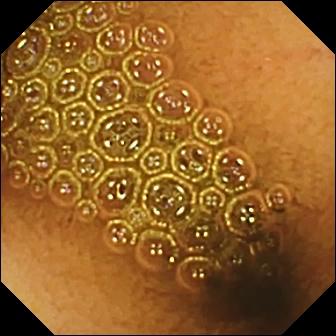- modality: WCE
- category: luminal finding
- finding: reduced mucosal view (content or bubbles obscuring the mucosa)